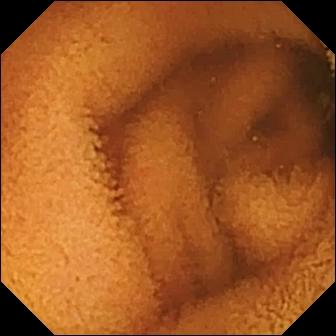VCE snapshot. Normal clean mucosa.